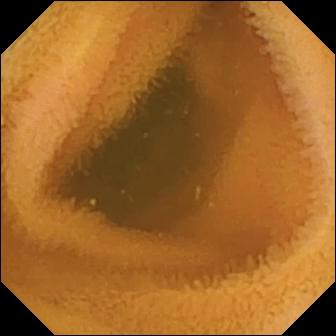{"modality": "small-bowel capsule endoscopy", "category": "luminal finding", "finding": "normal clean mucosa"}